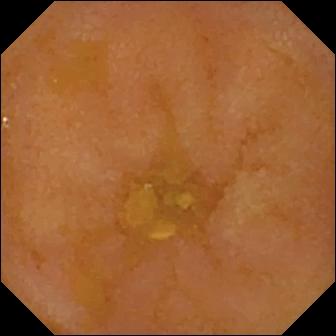WCE still showing reduced mucosal view (content or bubbles obscuring the mucosa).